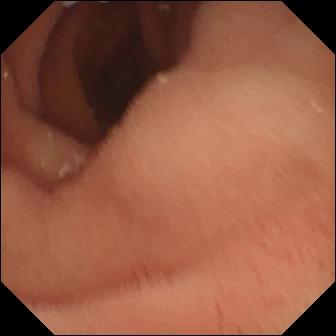Pylorus region (where the capsule passes from the stomach into the small bowel) — WCE frame.